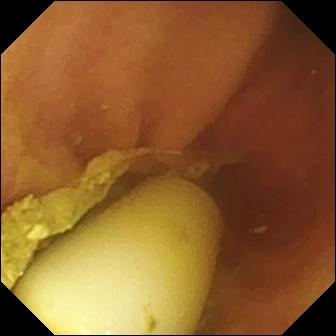{"modality": "VCE", "category": "luminal finding", "finding": "foreign body (e.g. retained capsule, tablet residue)"}